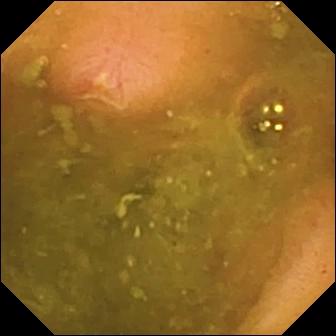Ulcer.